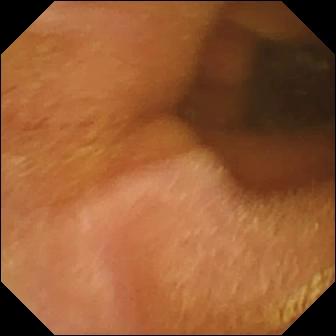- modality: capsule endoscopy
- segment: small bowel
- impression: normal clean mucosa